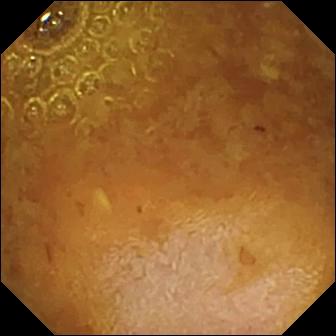WCE frame of the small bowel showing reduced mucosal view (content or bubbles obscuring the mucosa).